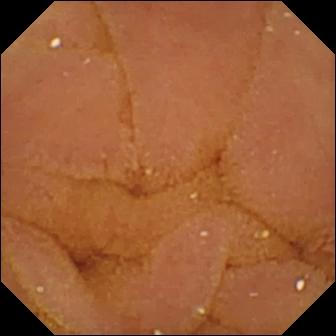WCE frame
Label: normal clean mucosa